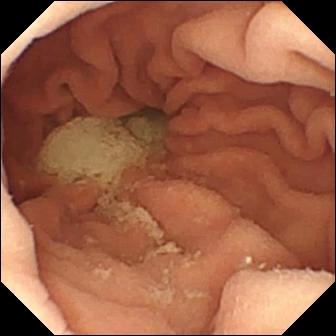Pylorus region (where the capsule passes from the stomach into the small bowel) — small-bowel capsule endoscopy view.